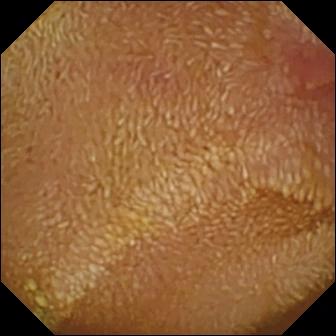This WCE view shows erosion.